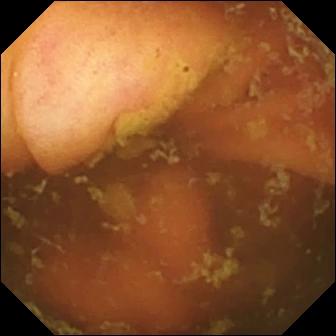Ileo-cecal valve region (where the capsule passes from the small bowel into the large bowel).